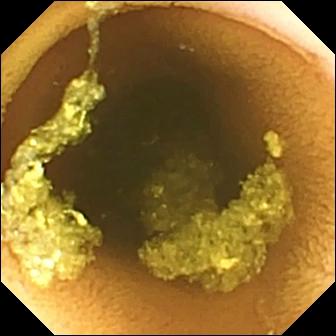PROCEDURE: Capsule endoscopy.
FINDINGS: Normal clean mucosa.